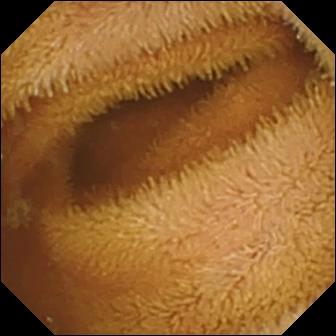Normal clean mucosa — wireless capsule endoscopy view.